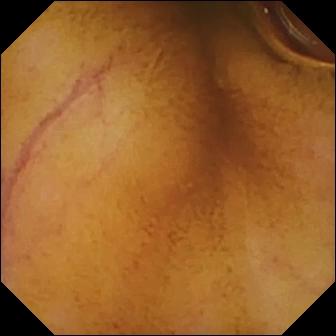modality: capsule endoscopy
observation: normal clean mucosa